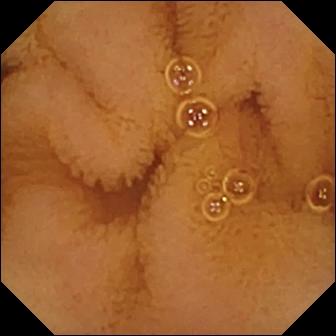modality: WCE
segment: small intestine
observation: normal clean mucosa